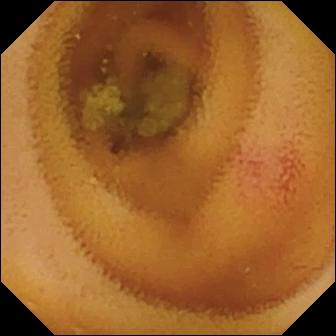- modality: capsule endoscopy
- category: luminal finding
- observation: angiectasia